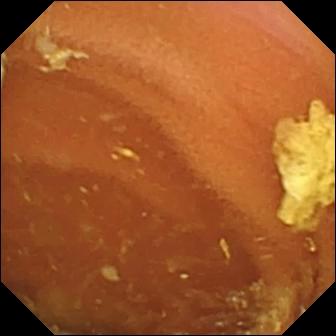PROCEDURE: WCE.
FINDINGS: Normal clean mucosa.